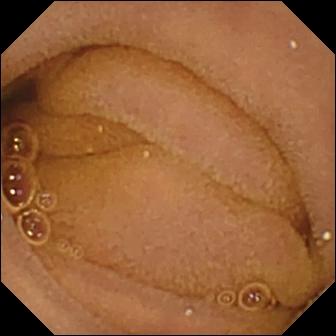Wireless capsule endoscopy frame. Normal clean mucosa.